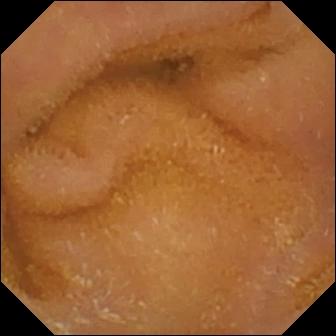- modality: WCE
- segment: small intestine
- label: normal clean mucosa